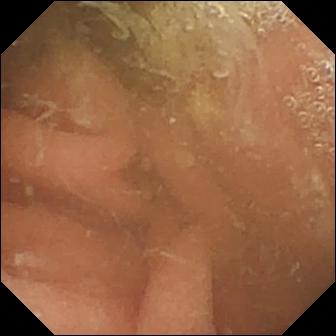- modality: small-bowel capsule endoscopy
- segment: small bowel
- label: normal clean mucosa